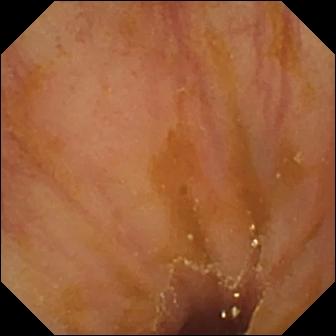WCE frame taken in the ileo-cecal valve region (where the capsule passes from the small bowel into the large bowel).